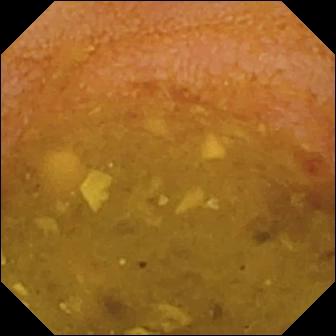Video capsule endoscopy snapshot, 336×336. Reduced mucosal view (content or bubbles obscuring the mucosa).